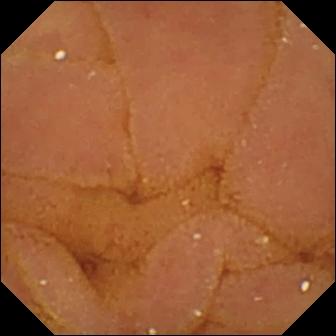Normal clean mucosa — small-bowel capsule endoscopy frame.